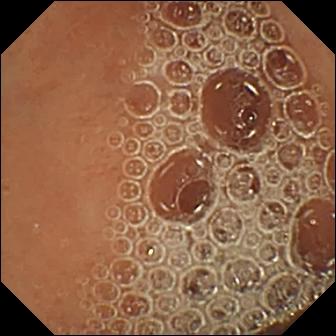Wireless capsule endoscopy still showing normal clean mucosa.